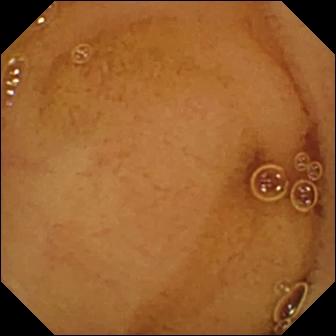VCE snapshot. Normal clean mucosa.